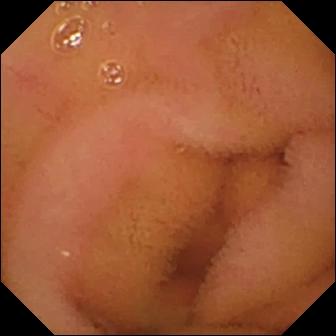VCE image (small intestine). Normal clean mucosa.